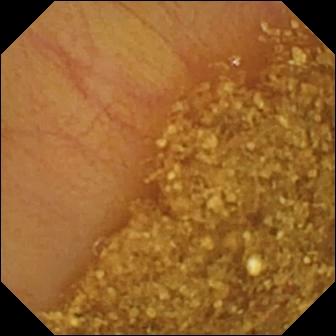Small-bowel capsule endoscopy frame. Taken in the ileo-cecal valve region (where the capsule passes from the small bowel into the large bowel).